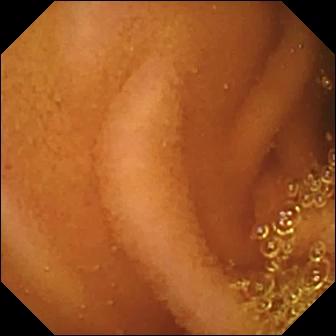WCE. Small intestine. Observation: normal clean mucosa.